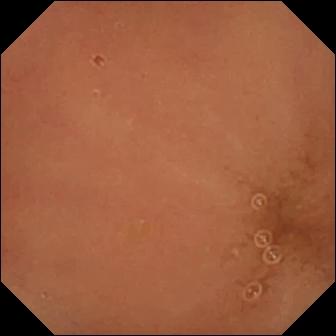Capsule endoscopy frame
Finding: normal clean mucosa